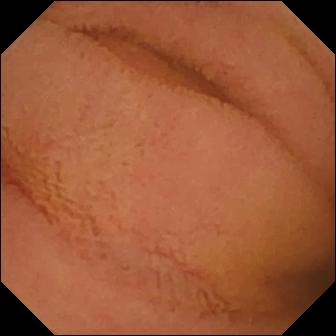PROCEDURE: Capsule endoscopy.
SEGMENT: Small intestine.
FINDINGS: Normal clean mucosa.